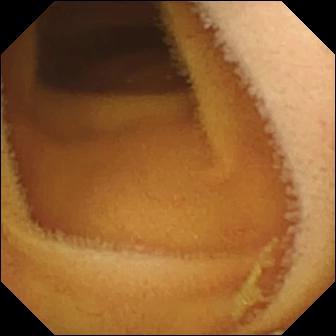modality: small-bowel capsule endoscopy | segment: small bowel | label: normal clean mucosa